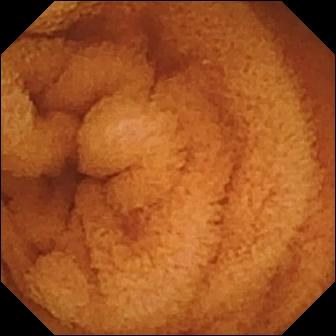Q: What does this WCE image show?
A: Normal clean mucosa.